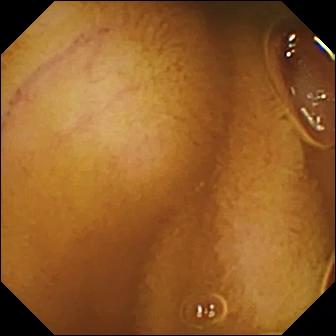Small-bowel capsule endoscopy snapshot. Normal clean mucosa.